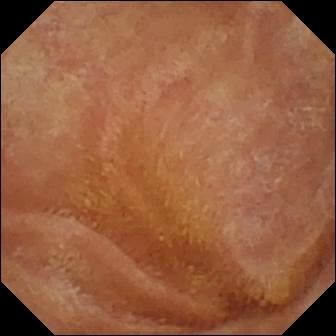{"modality": "small-bowel capsule endoscopy", "segment": "small intestine", "finding": "normal clean mucosa"}